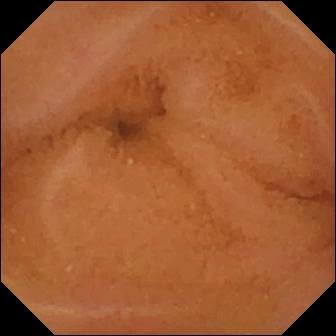{"modality": "WCE", "segment": "small bowel", "category": "luminal finding", "finding": "normal clean mucosa"}